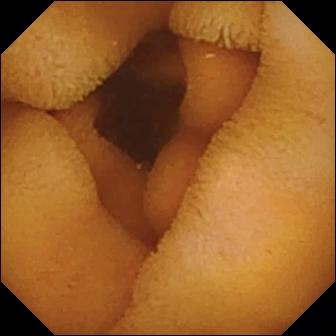PROCEDURE: Small-bowel capsule endoscopy.
SEGMENT: Small intestine.
FINDINGS: Normal clean mucosa.